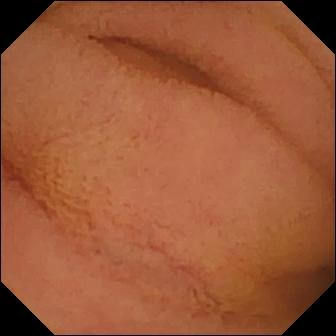modality: WCE; segment: small intestine; label: normal clean mucosa